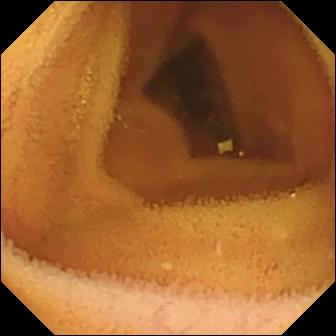Normal clean mucosa — WCE view.